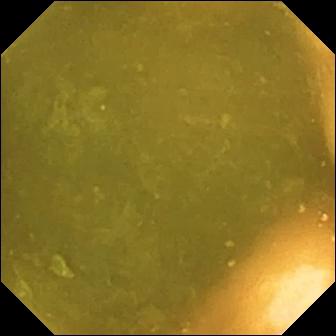Q: Where in the digestive tract was this VCE still taken?
A: Ileo-cecal valve region (the transition from the small bowel to the large bowel).